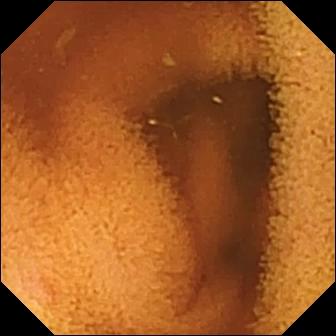modality: capsule endoscopy | segment: small intestine | finding: normal clean mucosa